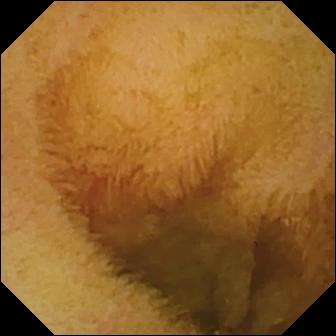Q: What does this VCE frame of the small bowel show?
A: Normal clean mucosa.